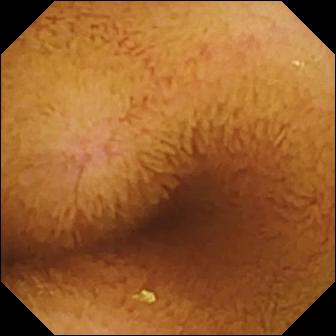This wireless capsule endoscopy still shows normal clean mucosa.